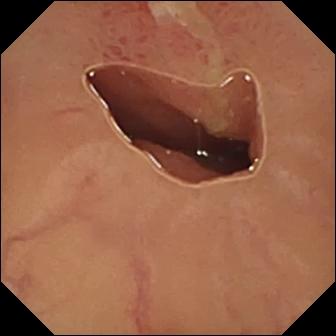modality: wireless capsule endoscopy | category: luminal finding | observation: ulcer